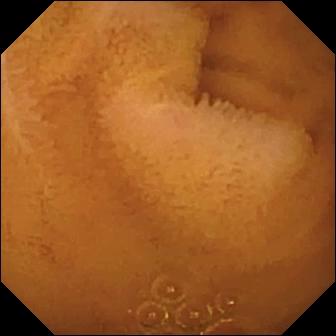WCE still
Observation: normal clean mucosa